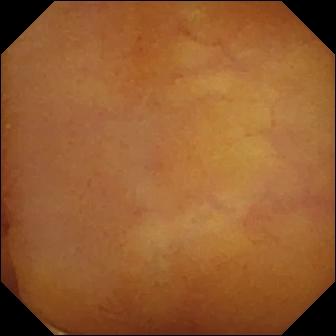This capsule endoscopy frame of the small bowel shows normal clean mucosa.